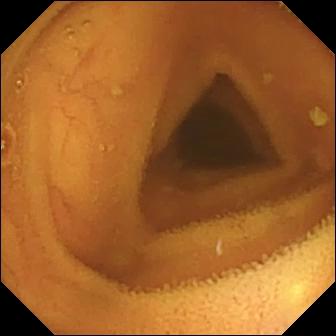Q: What does this wireless capsule endoscopy frame show?
A: Normal clean mucosa.